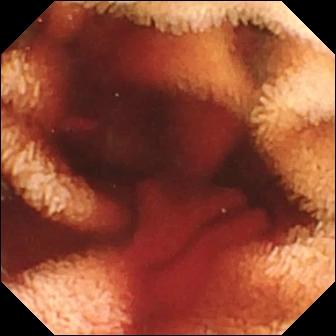Fresh blood in the lumen — wireless capsule endoscopy view.